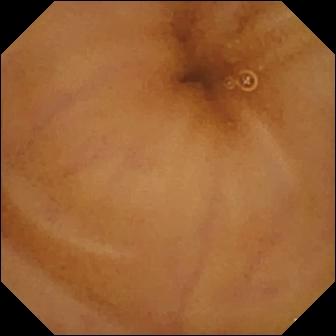modality: WCE
impression: normal clean mucosa